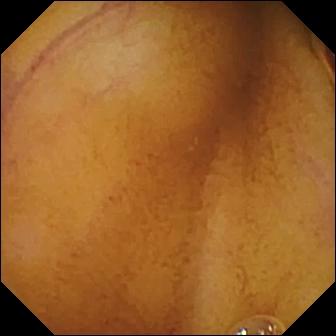Capsule endoscopy — normal clean mucosa.